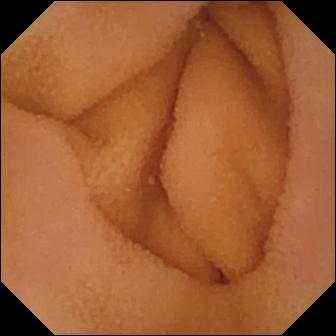Normal clean mucosa (336×336).